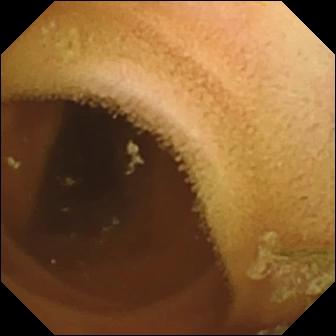Normal clean mucosa (336×336).